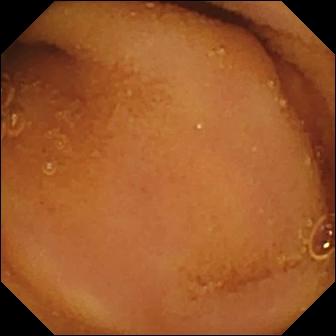Q: What does this video capsule endoscopy frame of the small bowel show?
A: Normal clean mucosa.